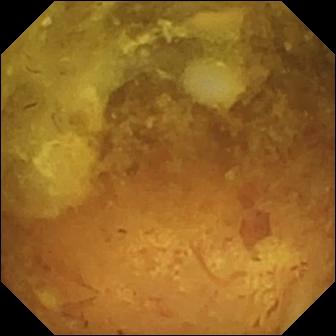WCE. Small bowel. Label: reduced mucosal view (content or bubbles obscuring the mucosa).